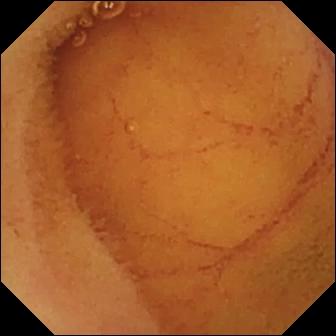PROCEDURE: Small-bowel capsule endoscopy.
SEGMENT: Small intestine.
FINDINGS: Normal clean mucosa.